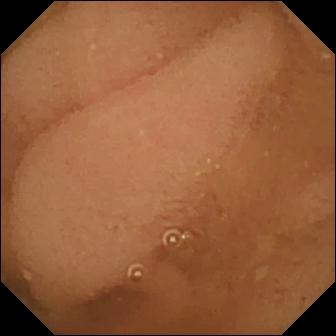modality: wireless capsule endoscopy | segment: small bowel | impression: normal clean mucosa